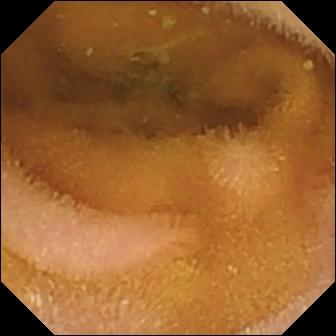Video capsule endoscopy still of the small intestine showing normal clean mucosa.